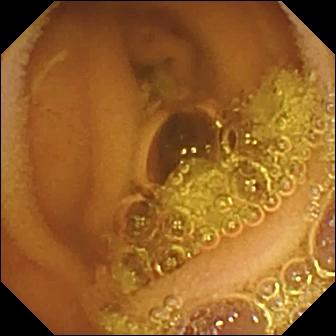Capsule endoscopy image
Finding: normal clean mucosa